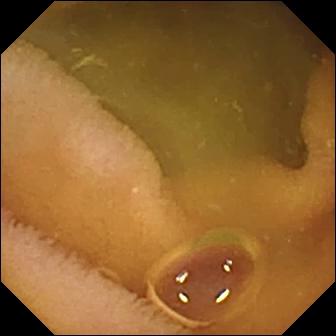{"modality": "WCE", "segment": "small intestine", "finding": "normal clean mucosa"}